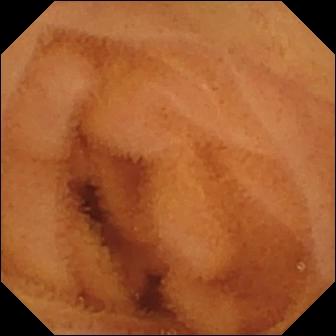Q: What does this VCE frame show?
A: Normal clean mucosa.